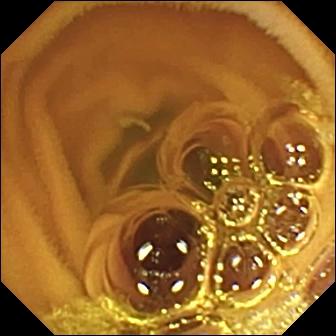Normal clean mucosa — capsule endoscopy image.